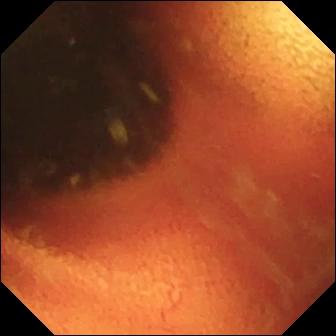Ileo-cecal valve region (the transition from the small bowel to the large bowel).